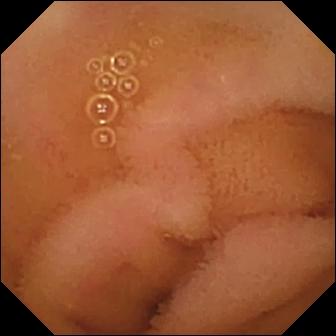Normal clean mucosa — VCE view.